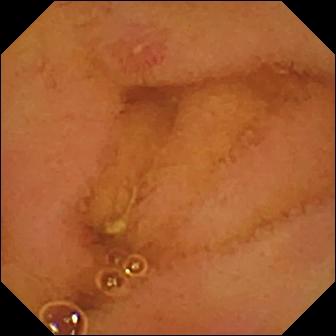modality: video capsule endoscopy | impression: erosion